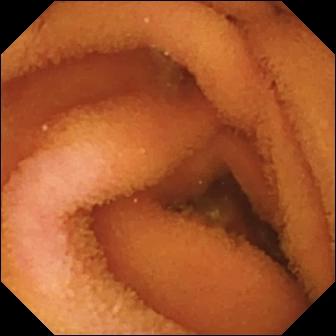This wireless capsule endoscopy snapshot shows normal clean mucosa.